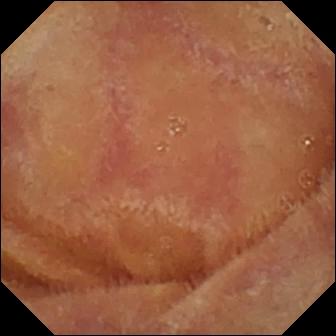Normal clean mucosa — video capsule endoscopy view of the small intestine.